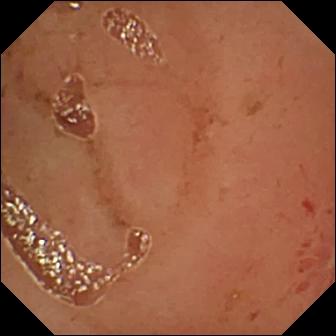Q: What does this small-bowel capsule endoscopy frame show?
A: Erosion.